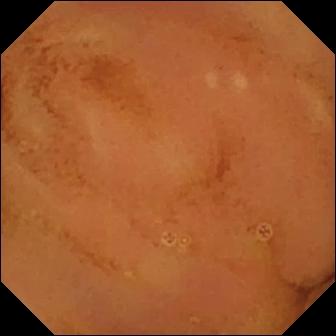{"modality": "wireless capsule endoscopy", "segment": "small intestine", "finding": "normal clean mucosa"}